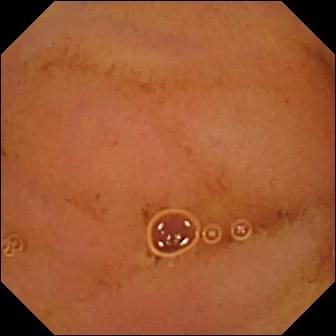WCE frame, small bowel
Finding: normal clean mucosa